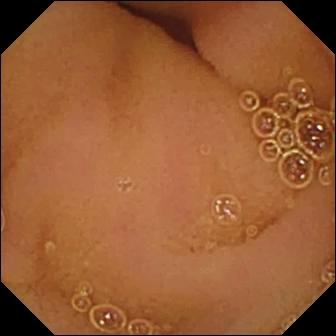Normal clean mucosa.